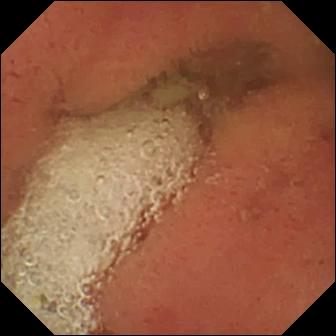Video capsule endoscopy image
Position: pylorus region